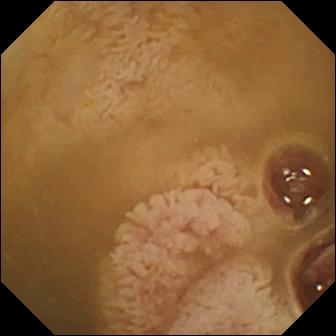WCE — ileo-cecal valve region (where the capsule passes from the small bowel into the large bowel).